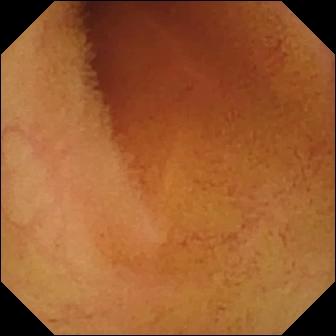Q: What does this small-bowel capsule endoscopy snapshot of the small intestine show?
A: Normal clean mucosa.